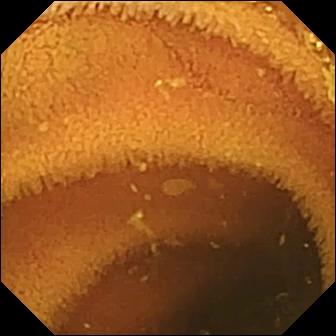Q: What does this WCE frame show?
A: Normal clean mucosa.